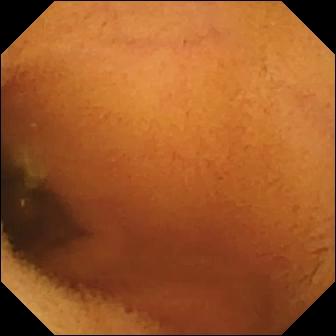modality: small-bowel capsule endoscopy | segment: small intestine | category: luminal finding | observation: normal clean mucosa